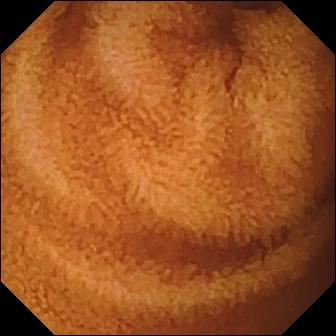modality: small-bowel capsule endoscopy | label: normal clean mucosa